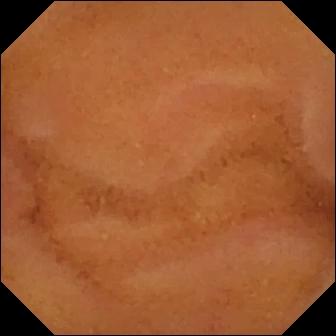- modality: wireless capsule endoscopy
- segment: small intestine
- category: luminal finding
- label: normal clean mucosa